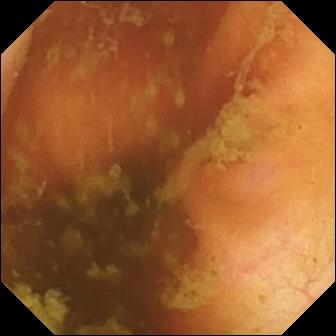{"modality": "capsule endoscopy", "category": "anatomical landmark", "position": "ileo-cecal valve region (where the capsule passes from the small bowel into the large bowel)"}